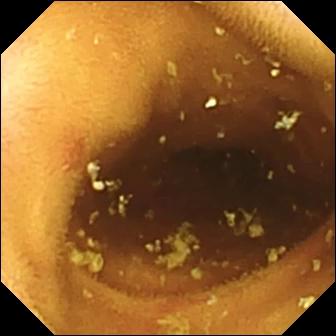Video capsule endoscopy. Observation: erosion.